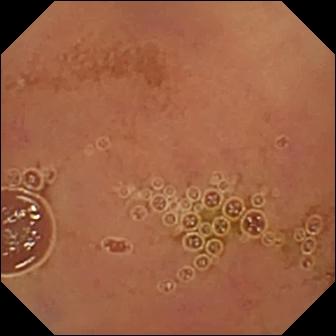{"modality": "wireless capsule endoscopy", "segment": "small intestine", "finding": "normal clean mucosa"}